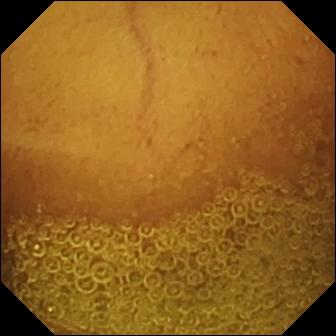Small-bowel capsule endoscopy still (small bowel). Normal clean mucosa.